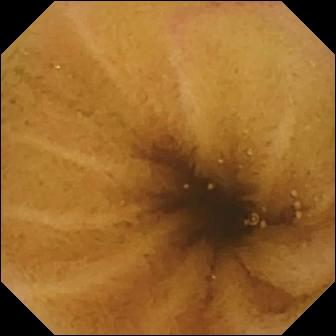WCE view
Impression: normal clean mucosa